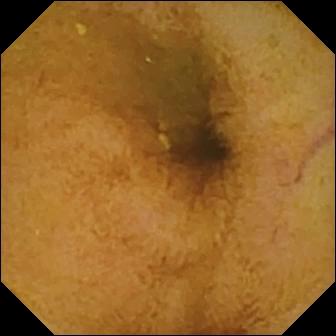Wireless capsule endoscopy — normal clean mucosa.